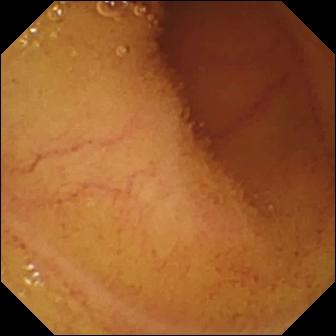This small-bowel capsule endoscopy frame shows normal clean mucosa.